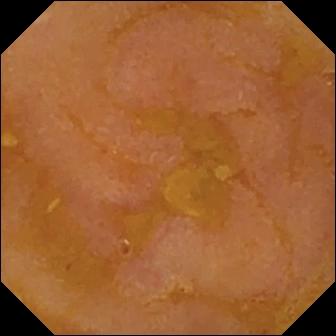Capsule endoscopy frame, 336×336. Reduced mucosal view (content or bubbles obscuring the mucosa).